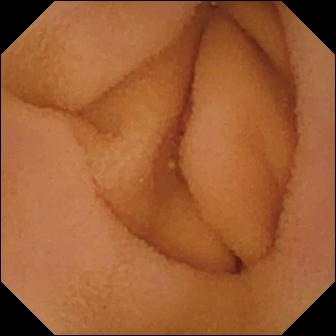Capsule endoscopy. Small bowel. Label: normal clean mucosa.